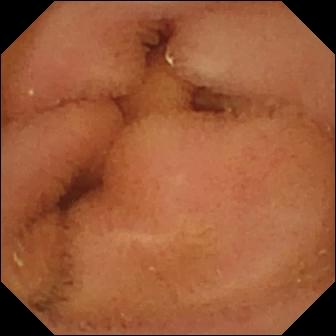Normal clean mucosa.